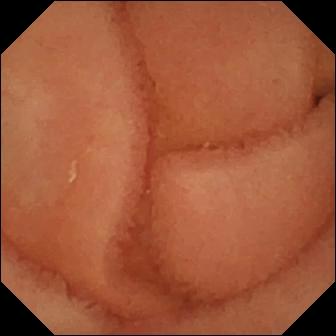WCE frame of the small intestine showing normal clean mucosa.